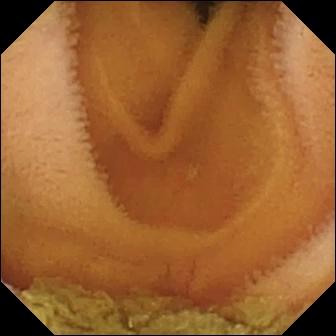Wireless capsule endoscopy frame, 336×336. Normal clean mucosa.